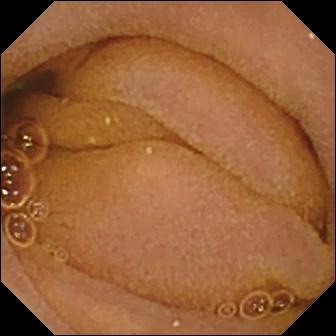This WCE view of the small intestine shows normal clean mucosa.